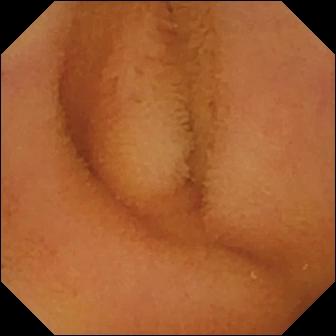Normal clean mucosa — VCE still.